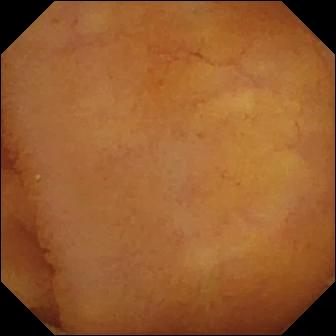Video capsule endoscopy frame (small intestine), 336×336. Normal clean mucosa.